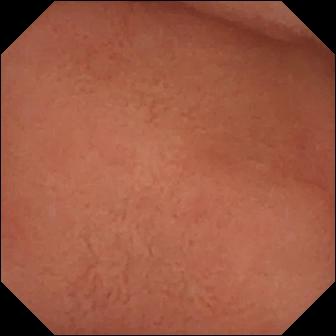Pylorus region (the junction between the stomach and the small bowel).